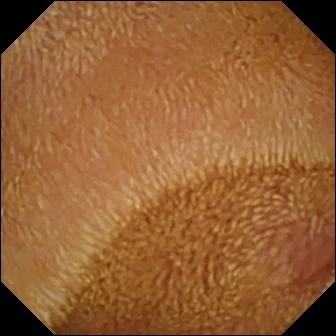Video capsule endoscopy view. Erosion.